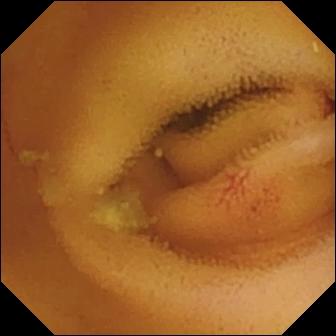VCE image showing angiectasia.